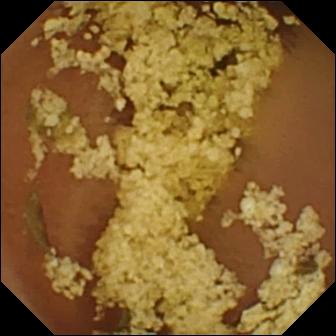Q: What does this WCE frame of the small intestine show?
A: Normal clean mucosa.